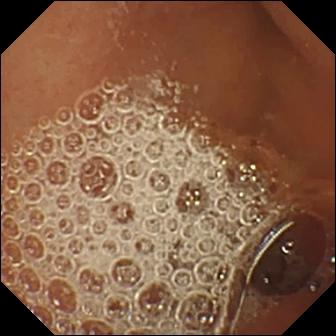- modality: wireless capsule endoscopy
- observation: normal clean mucosa